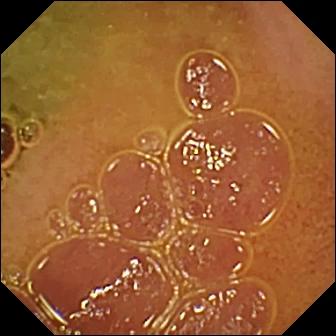{"modality": "wireless capsule endoscopy", "segment": "small intestine", "finding": "normal clean mucosa"}